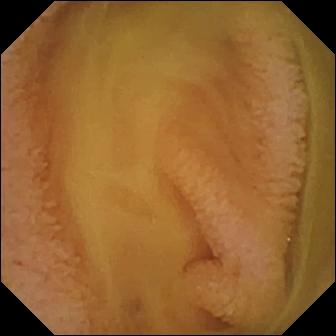modality: WCE | segment: small intestine | impression: normal clean mucosa